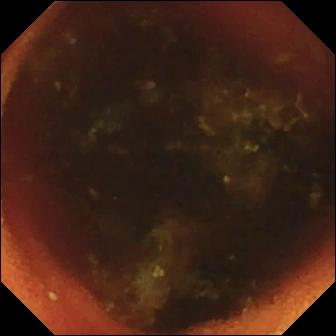Video capsule endoscopy snapshot. Taken in the ileo-cecal valve region.